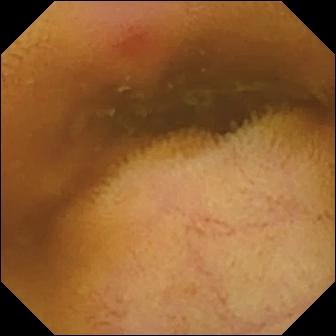Capsule endoscopy still. Erythema (mucosal redness).